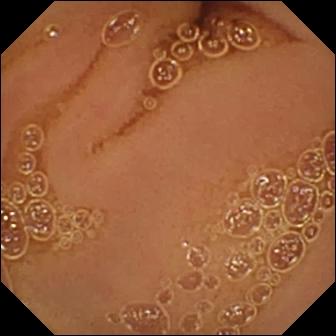Video capsule endoscopy snapshot (small intestine). Normal clean mucosa.